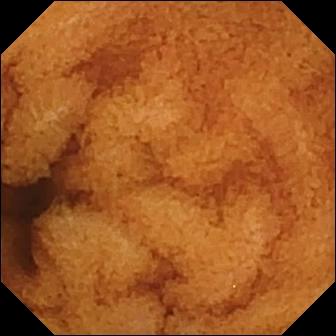Small-bowel capsule endoscopy — normal clean mucosa.